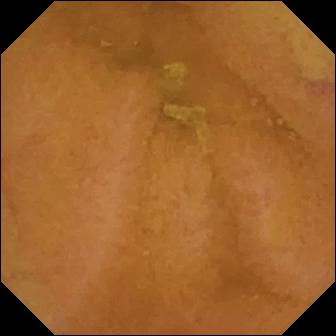Small-bowel capsule endoscopy frame of the small bowel showing normal clean mucosa.